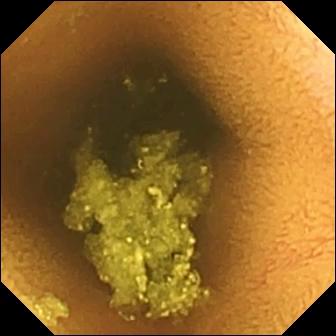Normal clean mucosa — video capsule endoscopy still of the small intestine.